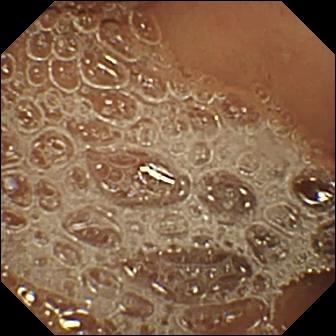VCE. Finding: normal clean mucosa.